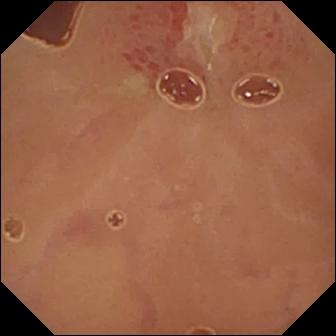{"modality": "video capsule endoscopy", "finding": "ulcer"}